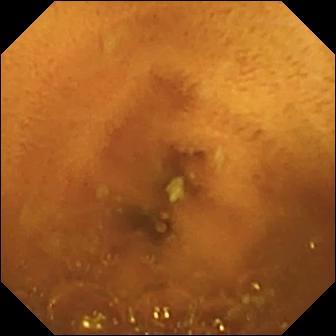This wireless capsule endoscopy snapshot of the small bowel shows normal clean mucosa.